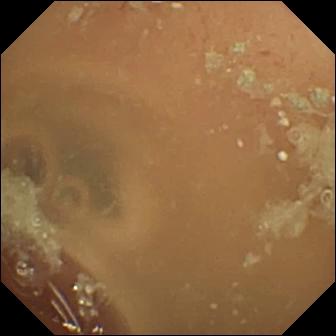{"modality": "VCE", "segment": "small bowel", "category": "luminal finding", "finding": "normal clean mucosa"}